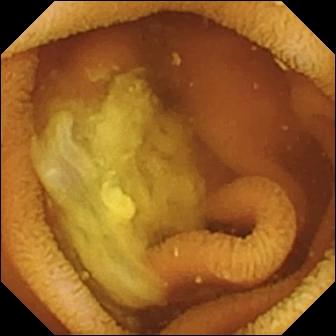Q: What does this capsule endoscopy frame of the small bowel show?
A: Normal clean mucosa.